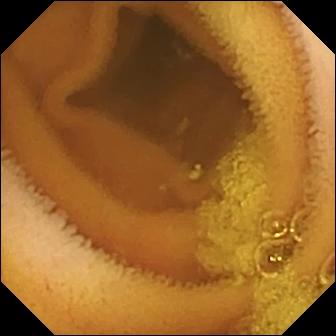VCE view
Impression: normal clean mucosa